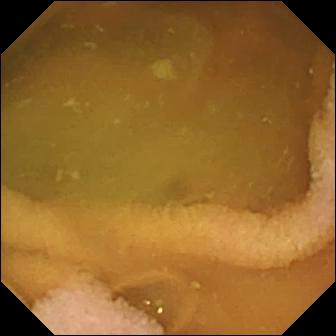{"modality": "video capsule endoscopy", "segment": "small bowel", "finding": "normal clean mucosa"}